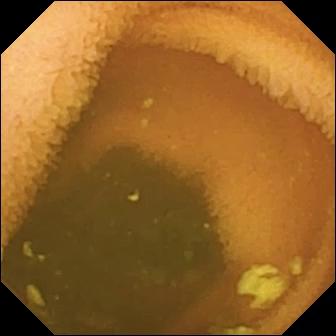PROCEDURE: WCE.
SEGMENT: Small intestine.
FINDINGS: Normal clean mucosa.